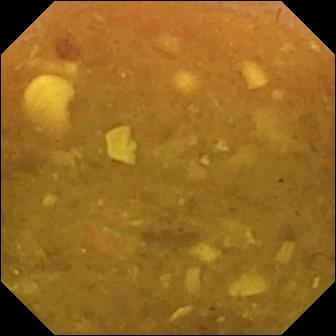- modality: WCE
- category: luminal finding
- impression: reduced mucosal view (content or bubbles obscuring the mucosa)